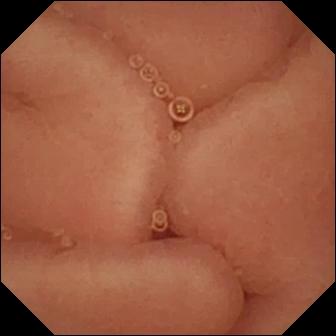modality: capsule endoscopy
location: pylorus region